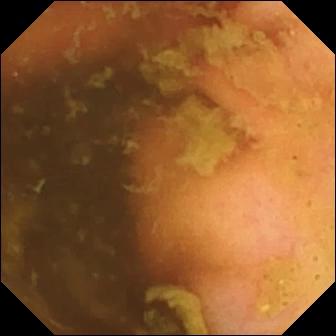This WCE still was taken in the ileo-cecal valve region.